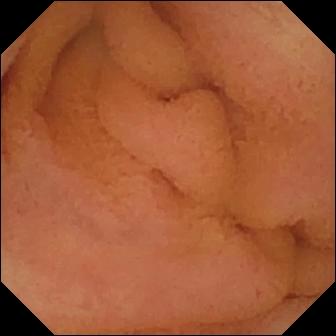Video capsule endoscopy. Small intestine. Luminal finding. Label: normal clean mucosa.